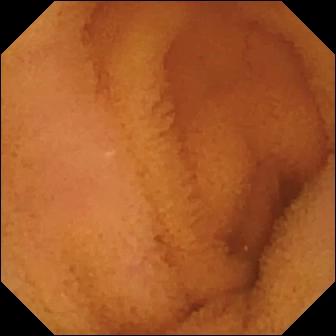Q: What does this video capsule endoscopy image show?
A: Normal clean mucosa.